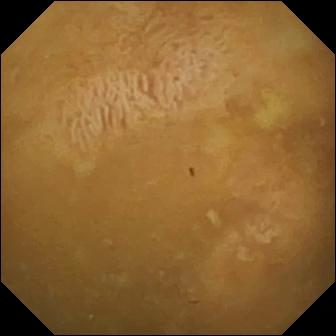- modality: video capsule endoscopy
- location: ileo-cecal valve region